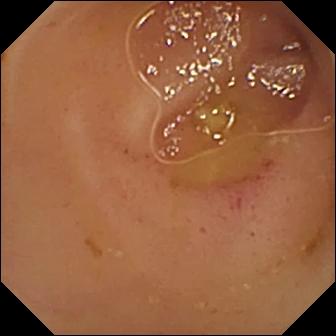{"modality": "wireless capsule endoscopy", "finding": "erythema (mucosal redness)"}